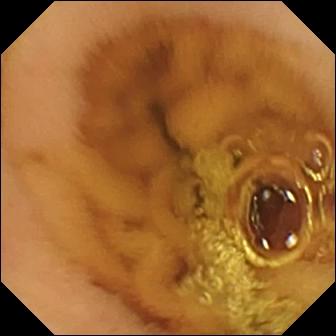WCE still showing normal clean mucosa.